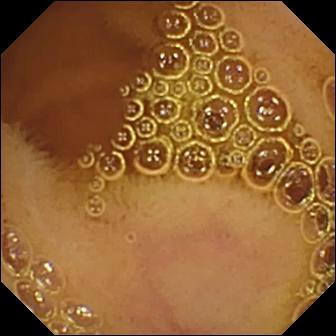{"modality": "VCE", "category": "luminal finding", "finding": "normal clean mucosa"}